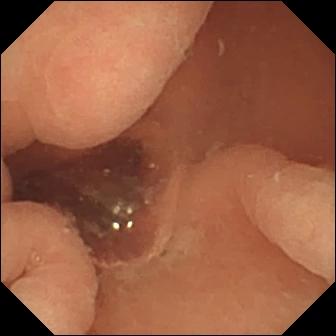Capsule endoscopy view. Normal clean mucosa.